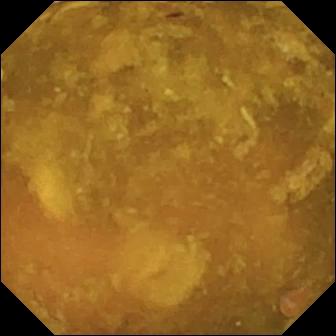Q: What does this small-bowel capsule endoscopy snapshot of the small intestine show?
A: Reduced mucosal view (content or bubbles obscuring the mucosa).